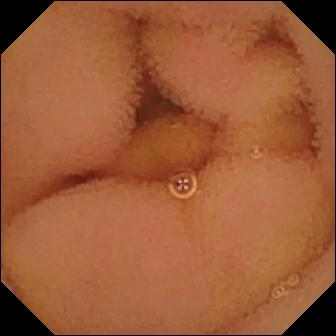WCE snapshot
Observation: normal clean mucosa